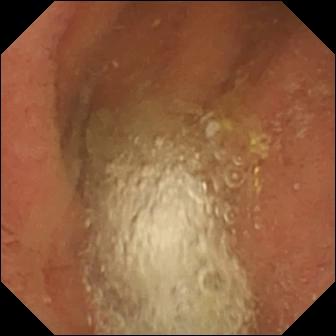Q: Where in the digestive tract was this video capsule endoscopy image taken?
A: Pylorus region.